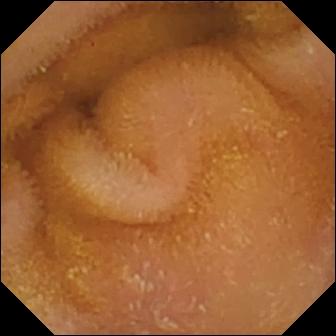{"modality": "video capsule endoscopy", "segment": "small intestine", "finding": "normal clean mucosa"}